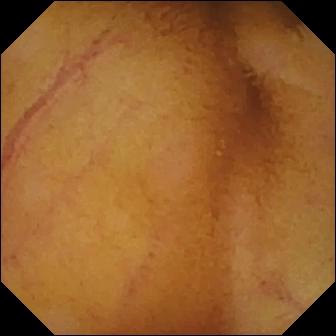This video capsule endoscopy still of the small bowel shows normal clean mucosa.